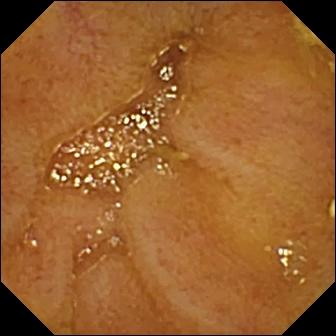Ileo-cecal valve region.